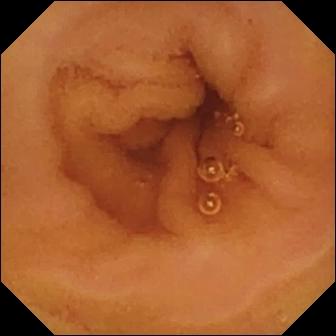VCE still of the small intestine showing normal clean mucosa.